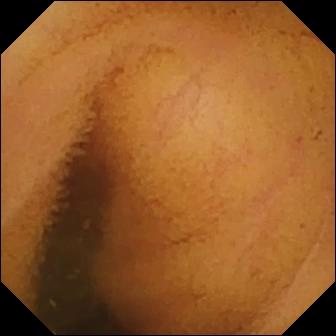Capsule endoscopy. Luminal finding. Observation: normal clean mucosa.